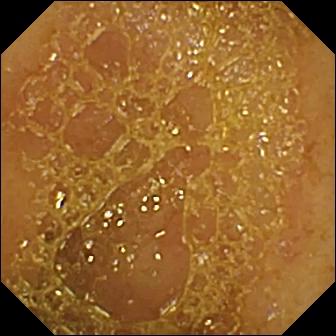Capsule endoscopy snapshot taken in the ileo-cecal valve region (the transition from the small bowel to the large bowel).